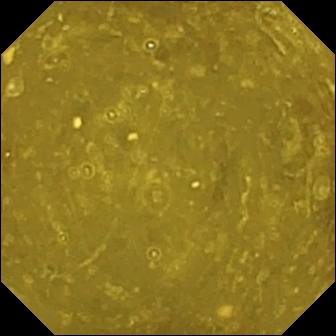Small-bowel capsule endoscopy view. Taken in the ileo-cecal valve region.